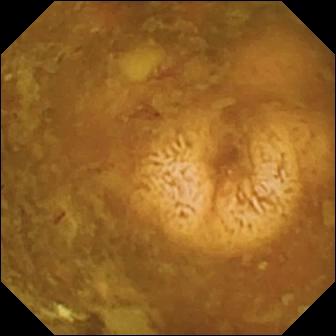- modality: WCE
- label: reduced mucosal view (content or bubbles obscuring the mucosa)